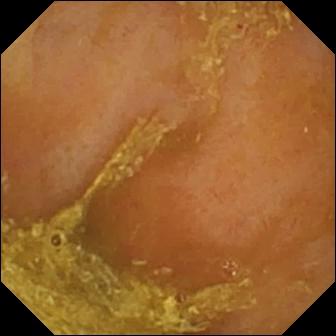Video capsule endoscopy. Small intestine. Observation: reduced mucosal view (content or bubbles obscuring the mucosa).